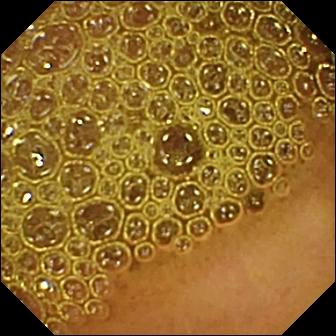{"modality": "WCE", "finding": "reduced mucosal view (content or bubbles obscuring the mucosa)"}